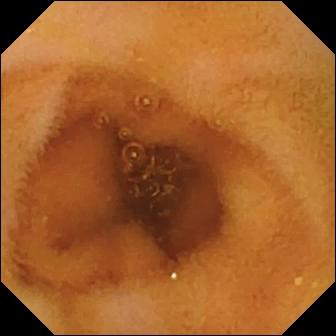Normal clean mucosa.